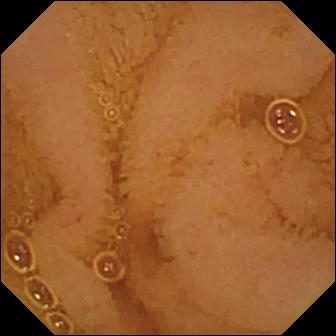VCE still
Finding: normal clean mucosa